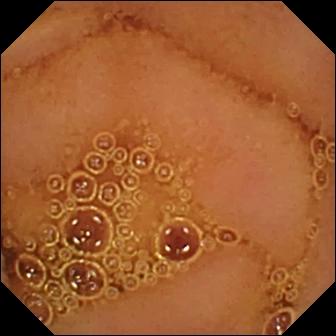This wireless capsule endoscopy image of the small bowel shows normal clean mucosa.